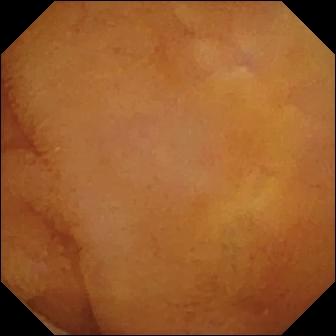modality: wireless capsule endoscopy | segment: small intestine | category: luminal finding | impression: normal clean mucosa